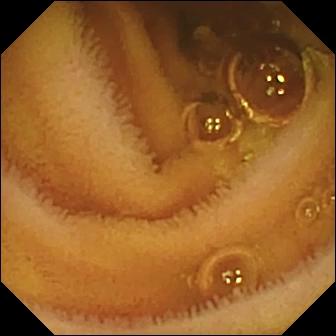Wireless capsule endoscopy still of the small intestine showing normal clean mucosa.